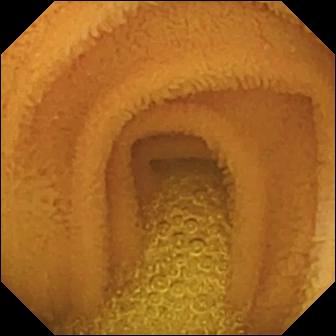modality: small-bowel capsule endoscopy; impression: normal clean mucosa